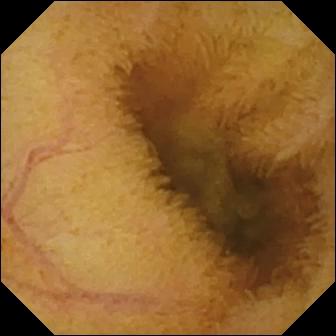Video capsule endoscopy. Label: normal clean mucosa.